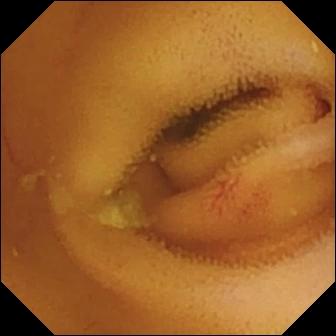WCE frame showing angiectasia.